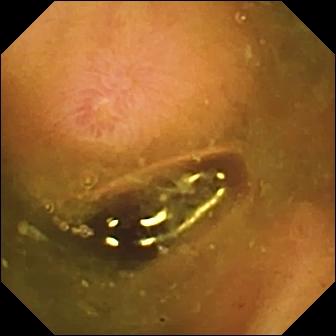Wireless capsule endoscopy image. Erosion.